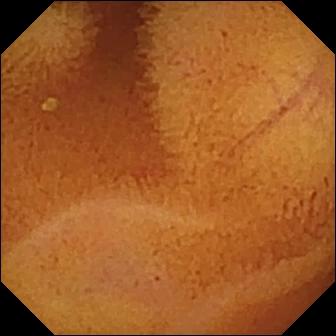This small-bowel capsule endoscopy frame of the small intestine shows normal clean mucosa.